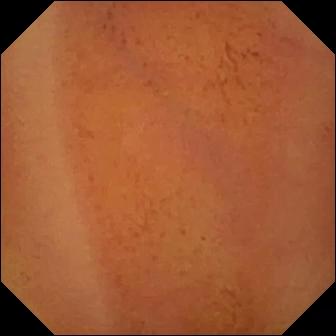PROCEDURE: Capsule endoscopy.
SEGMENT: Small bowel.
FINDINGS: Normal clean mucosa.